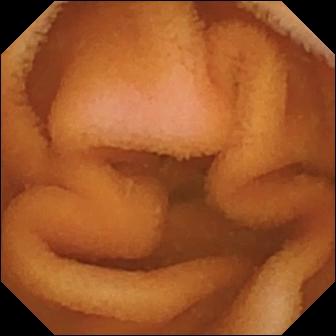Small-bowel capsule endoscopy view showing normal clean mucosa.